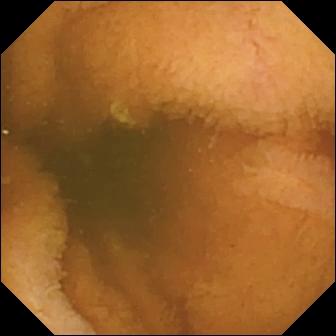Normal clean mucosa — VCE still.